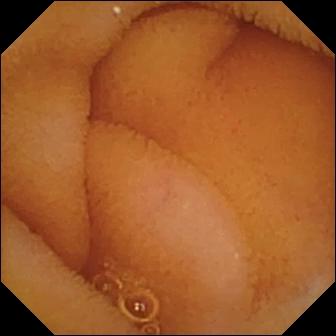modality: video capsule endoscopy; observation: normal clean mucosa